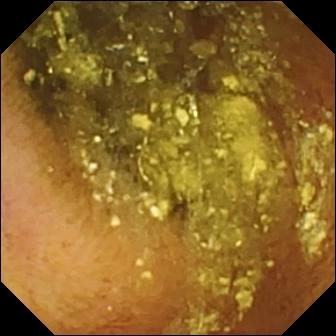- modality: small-bowel capsule endoscopy
- observation: normal clean mucosa